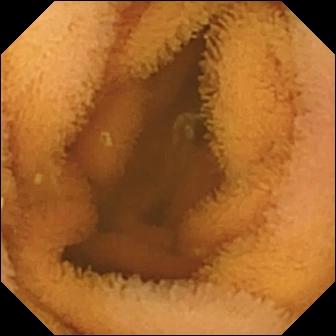modality: capsule endoscopy
label: normal clean mucosa